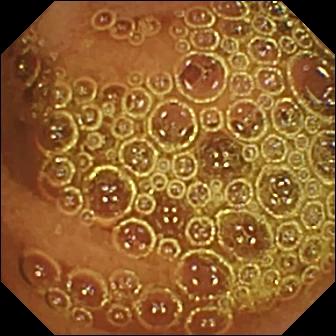WCE frame of the small intestine showing normal clean mucosa.